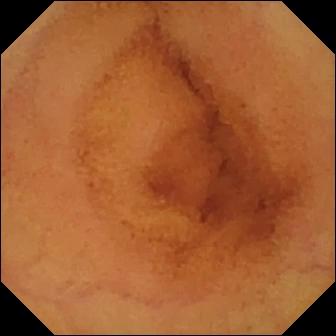- modality: wireless capsule endoscopy
- segment: small bowel
- category: luminal finding
- observation: normal clean mucosa